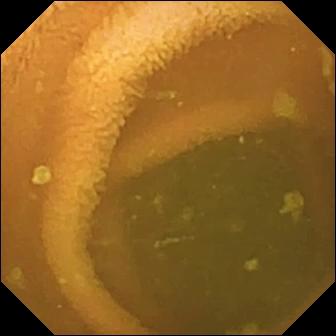Wireless capsule endoscopy view
Impression: normal clean mucosa